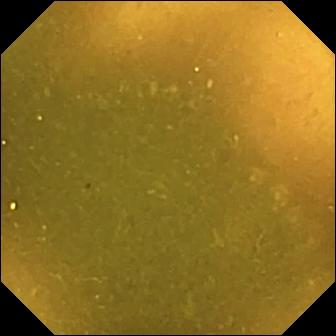Video capsule endoscopy — ileo-cecal valve region.